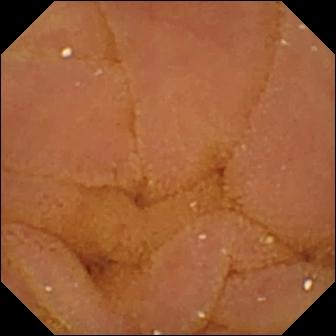modality: small-bowel capsule endoscopy; category: luminal finding; observation: normal clean mucosa